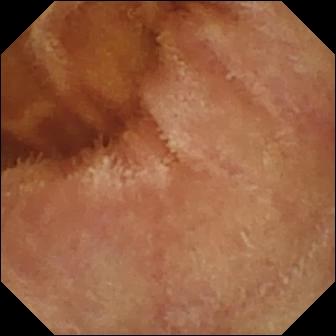- modality: video capsule endoscopy
- impression: normal clean mucosa